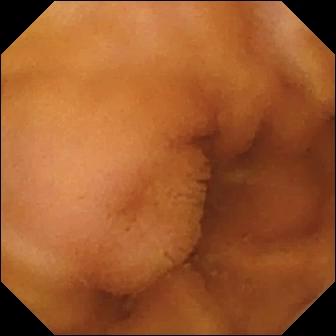VCE frame, small bowel
Impression: normal clean mucosa